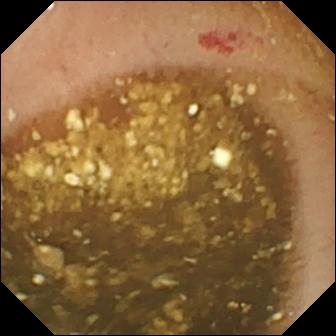{"modality": "video capsule endoscopy", "finding": "angiectasia"}